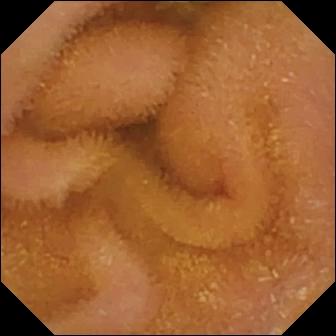- modality: small-bowel capsule endoscopy
- segment: small bowel
- observation: normal clean mucosa